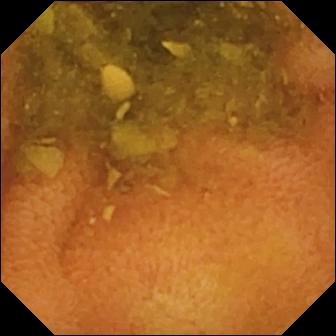PROCEDURE: Wireless capsule endoscopy.
SEGMENT: Small bowel.
FINDINGS: Normal clean mucosa.